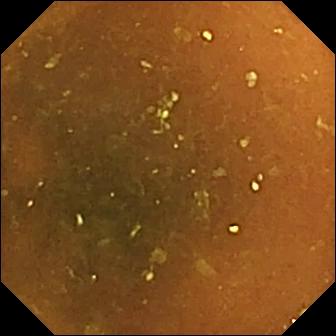modality: VCE
segment: small bowel
category: luminal finding
finding: normal clean mucosa